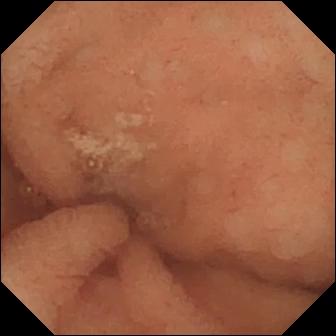VCE — normal clean mucosa.